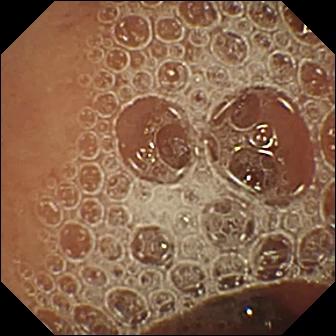PROCEDURE: Capsule endoscopy.
FINDINGS: Normal clean mucosa.